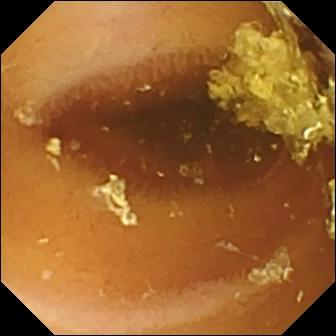{"modality": "small-bowel capsule endoscopy", "finding": "normal clean mucosa"}